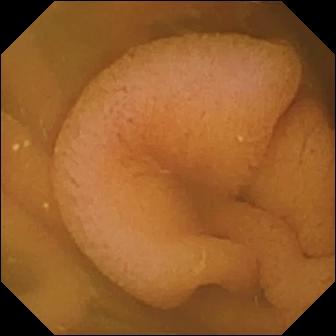Normal clean mucosa — VCE image.